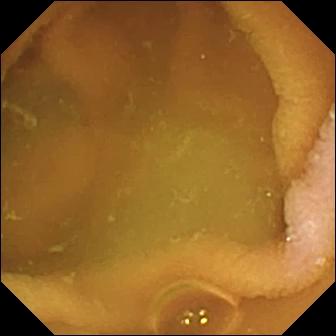This small-bowel capsule endoscopy image of the small intestine shows normal clean mucosa.